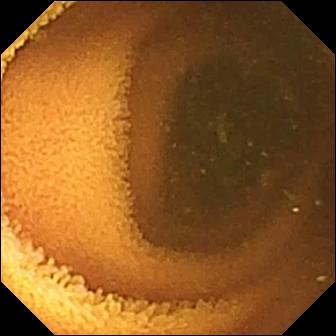Normal clean mucosa (336×336).